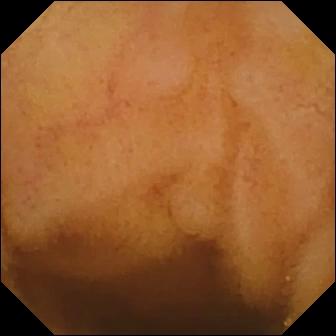PROCEDURE: Video capsule endoscopy.
SEGMENT: Small intestine.
FINDINGS: Normal clean mucosa.